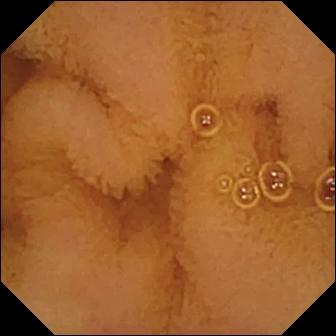PROCEDURE: Small-bowel capsule endoscopy.
SEGMENT: Small bowel.
FINDINGS: Normal clean mucosa.